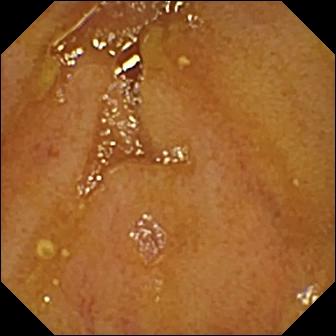Ileo-cecal valve region — video capsule endoscopy image.